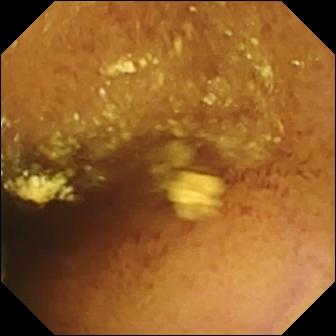Wireless capsule endoscopy frame, small intestine
Label: normal clean mucosa